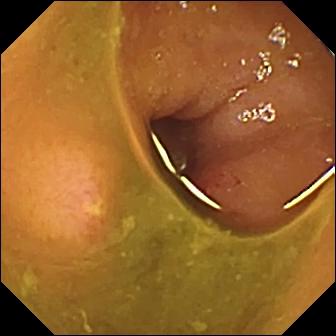This capsule endoscopy image shows ulcer.